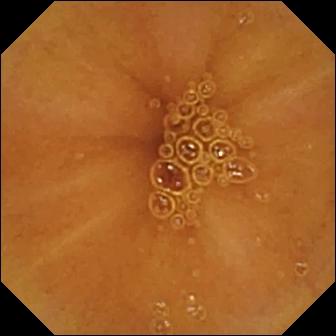Normal clean mucosa — wireless capsule endoscopy frame of the small bowel.